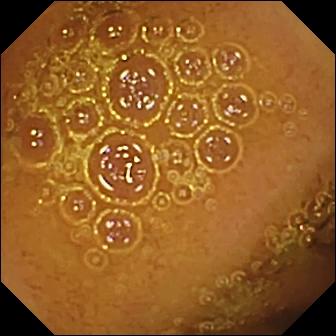Wireless capsule endoscopy still showing normal clean mucosa.